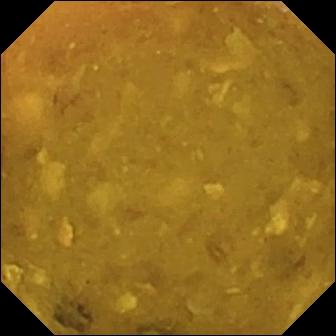PROCEDURE: Video capsule endoscopy.
FINDINGS: Reduced mucosal view (content or bubbles obscuring the mucosa).